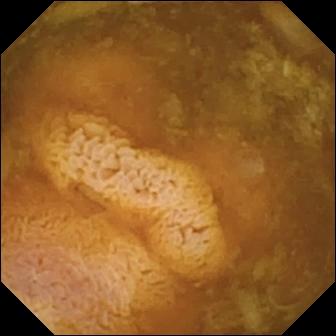This wireless capsule endoscopy snapshot of the small intestine shows reduced mucosal view (content or bubbles obscuring the mucosa).